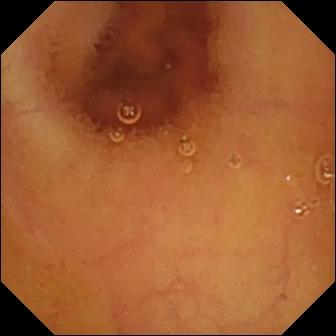Wireless capsule endoscopy — normal clean mucosa.